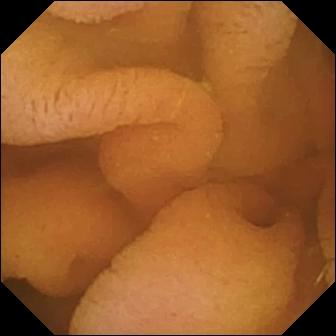WCE image
Impression: normal clean mucosa